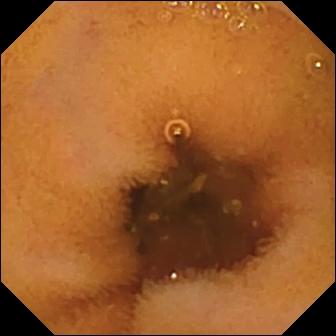Wireless capsule endoscopy. Small intestine. Observation: normal clean mucosa.